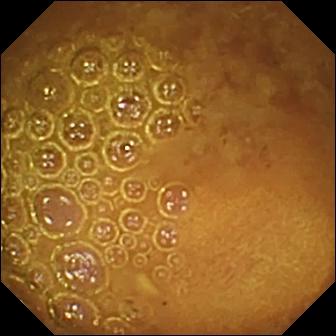Wireless capsule endoscopy — reduced mucosal view (content or bubbles obscuring the mucosa).